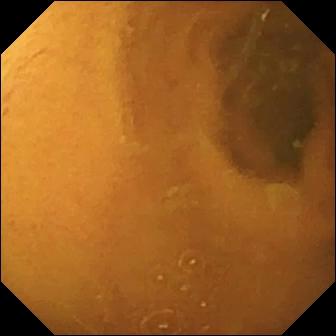Normal clean mucosa.